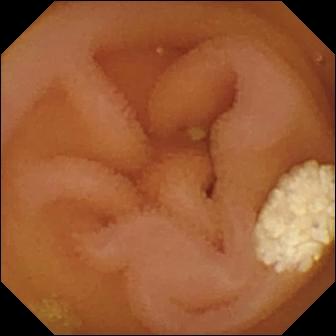Lymphangiectasia — WCE snapshot.